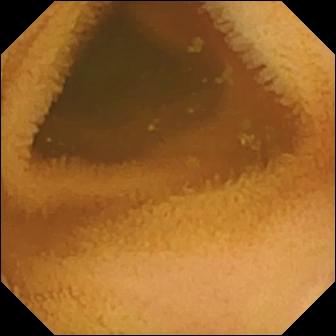Q: What does this video capsule endoscopy snapshot show?
A: Normal clean mucosa.